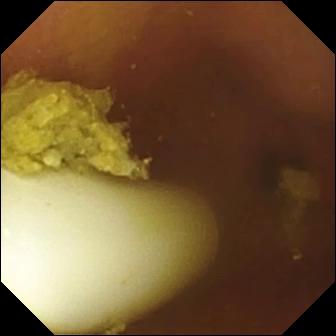Wireless capsule endoscopy frame
Observation: foreign body (e.g. retained capsule, tablet residue)